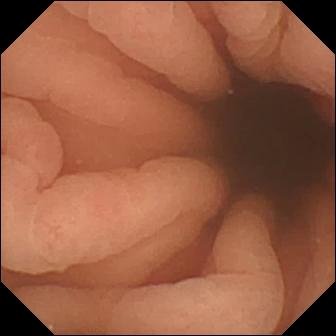PROCEDURE: WCE.
POSITION: Pylorus region.